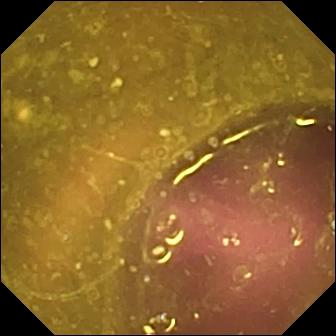VCE. Luminal finding. Label: reduced mucosal view (content or bubbles obscuring the mucosa).